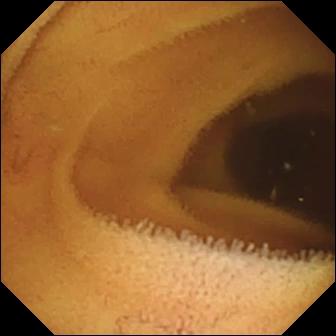VCE still
Label: normal clean mucosa